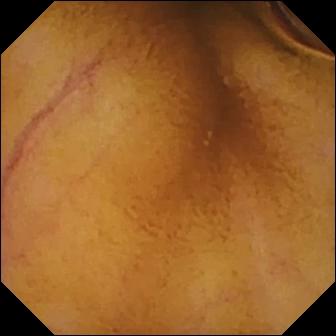Video capsule endoscopy — normal clean mucosa.